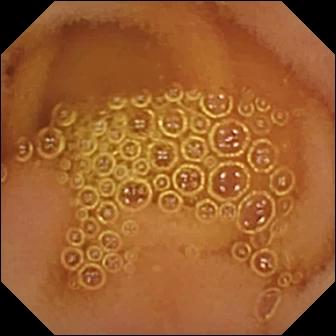Small-bowel capsule endoscopy frame
Label: normal clean mucosa